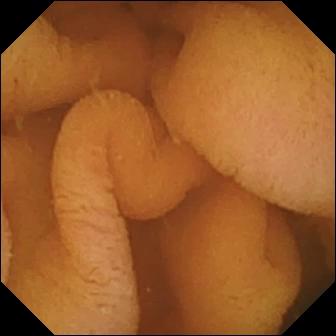WCE image. Normal clean mucosa.